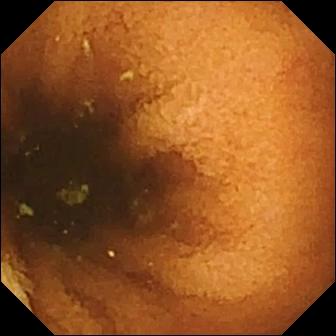Normal clean mucosa — small-bowel capsule endoscopy view.